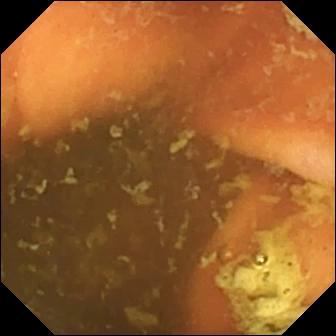- modality: video capsule endoscopy
- position: ileo-cecal valve region (where the capsule passes from the small bowel into the large bowel)